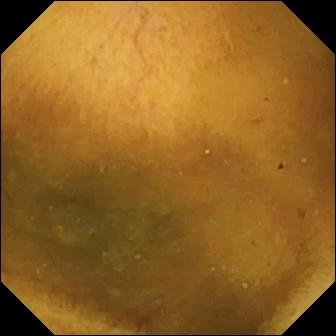Normal clean mucosa — VCE frame of the small intestine.